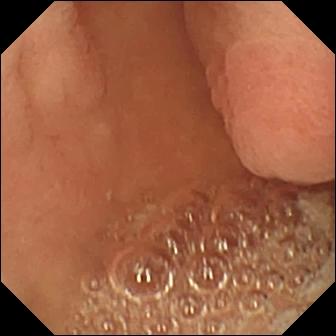Wireless capsule endoscopy — pylorus region.